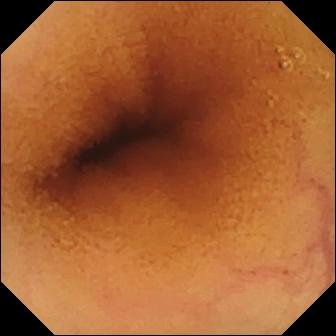This wireless capsule endoscopy frame of the small intestine shows normal clean mucosa.